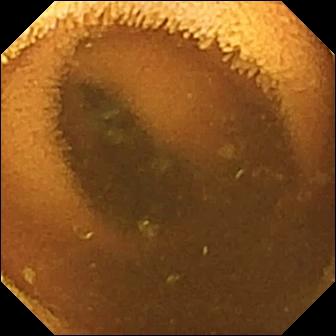Video capsule endoscopy — normal clean mucosa.